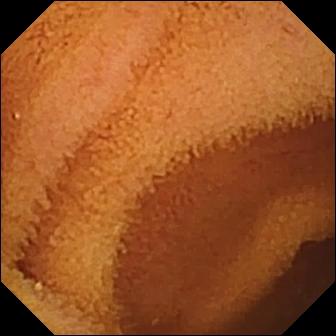Video capsule endoscopy. Small intestine. Luminal finding. Observation: normal clean mucosa.